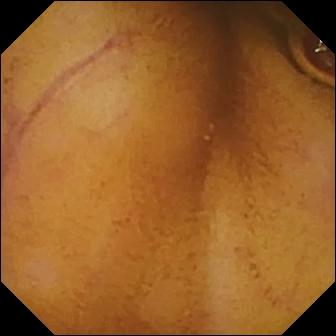Q: What does this capsule endoscopy view of the small intestine show?
A: Normal clean mucosa.